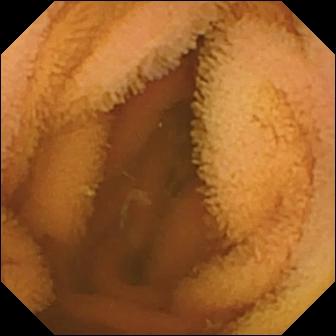{"modality": "VCE", "finding": "normal clean mucosa"}